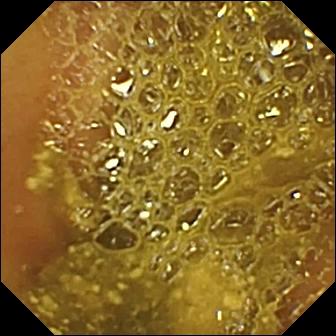Small-bowel capsule endoscopy still
Video segment: ileo-cecal valve region